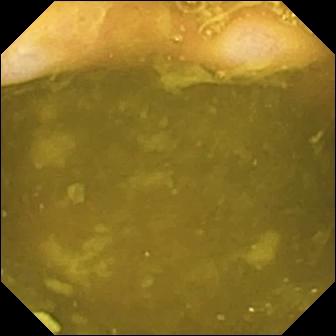PROCEDURE: WCE.
LOCATION: Ileo-cecal valve region (the transition from the small bowel to the large bowel).